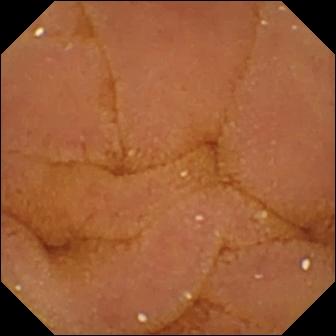PROCEDURE: VCE.
FINDINGS: Normal clean mucosa.